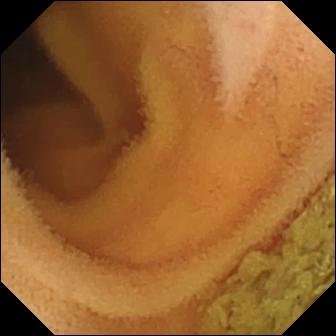Wireless capsule endoscopy. Observation: normal clean mucosa.